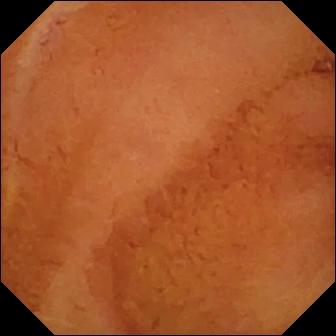Normal clean mucosa.